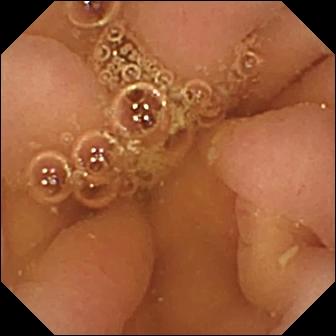- modality: VCE
- label: pylorus region (the junction between the stomach and the small bowel)